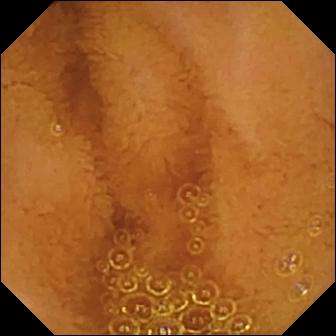This small-bowel capsule endoscopy still of the small bowel shows normal clean mucosa.